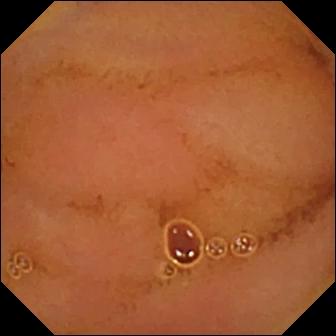modality: small-bowel capsule endoscopy
finding: normal clean mucosa